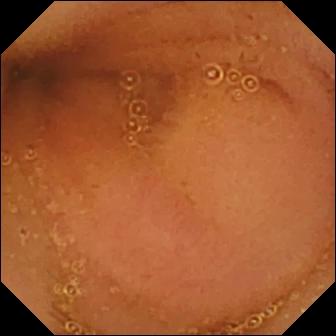PROCEDURE: Video capsule endoscopy.
SEGMENT: Small intestine.
FINDINGS: Normal clean mucosa.